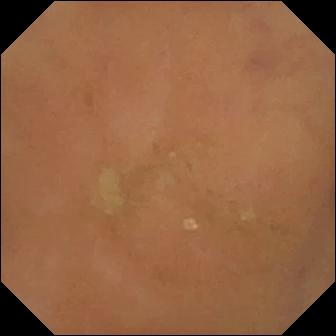Small-bowel capsule endoscopy snapshot, 336×336. Normal clean mucosa.